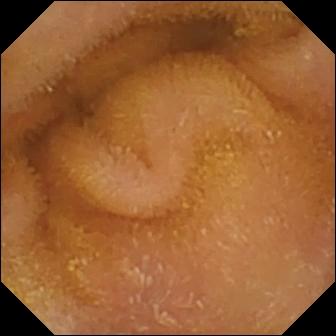WCE snapshot of the small intestine showing normal clean mucosa.